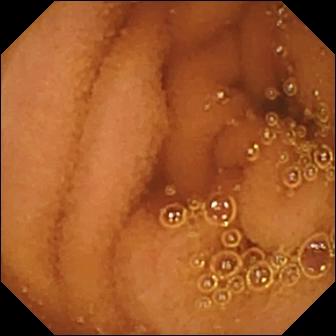modality: capsule endoscopy
segment: small intestine
observation: normal clean mucosa